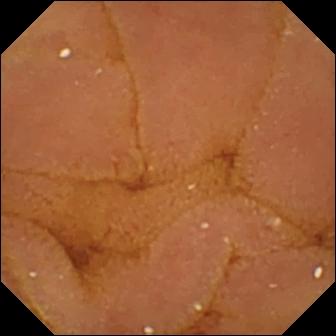PROCEDURE: Capsule endoscopy.
SEGMENT: Small intestine.
FINDINGS: Normal clean mucosa.